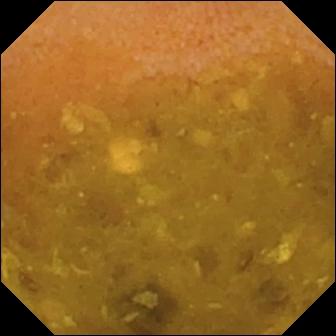VCE image showing reduced mucosal view (content or bubbles obscuring the mucosa).